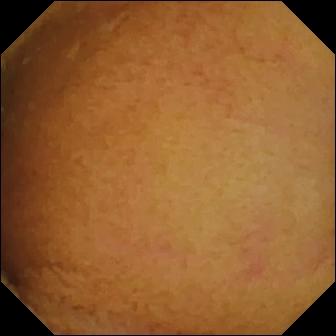Normal clean mucosa.